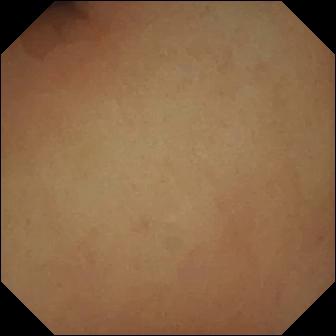Video capsule endoscopy — pylorus region (the junction between the stomach and the small bowel).